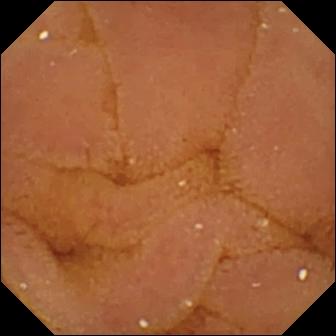{"modality": "WCE", "segment": "small intestine", "category": "luminal finding", "finding": "normal clean mucosa"}